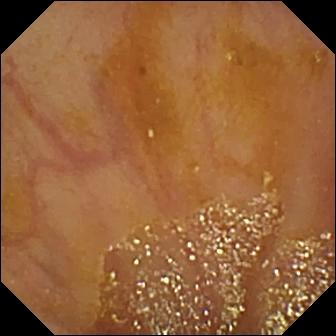Ileo-cecal valve region (where the capsule passes from the small bowel into the large bowel) — VCE view.